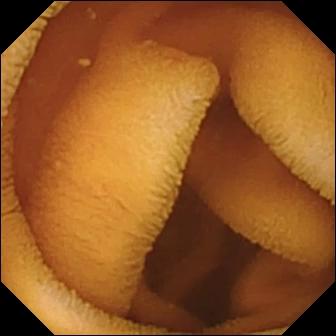This video capsule endoscopy snapshot of the small bowel shows normal clean mucosa.